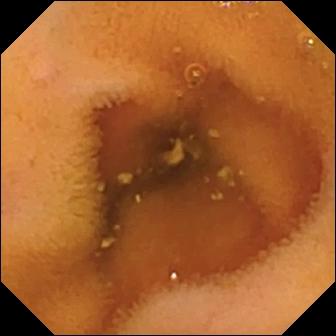Normal clean mucosa (336×336).